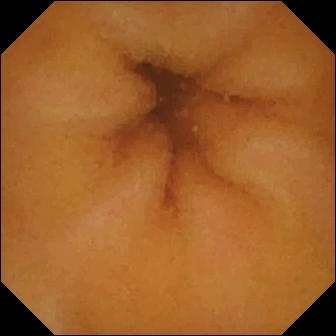This small-bowel capsule endoscopy still shows normal clean mucosa.